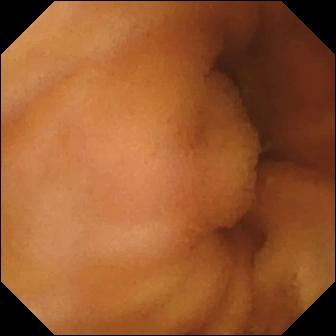Normal clean mucosa.